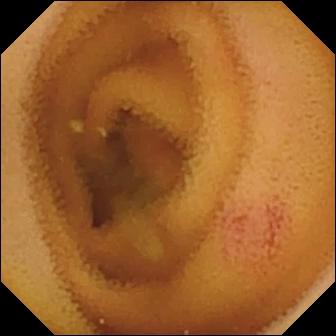Small-bowel capsule endoscopy. Observation: angiectasia.